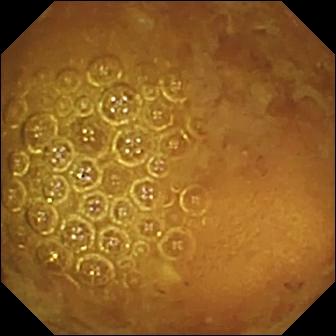Video capsule endoscopy frame, small bowel
Impression: reduced mucosal view (content or bubbles obscuring the mucosa)